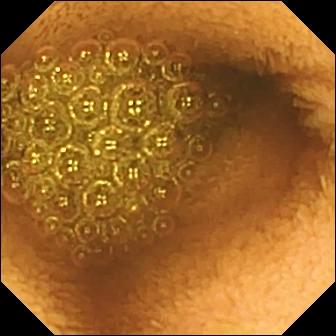Reduced mucosal view (content or bubbles obscuring the mucosa) — WCE view of the small bowel.